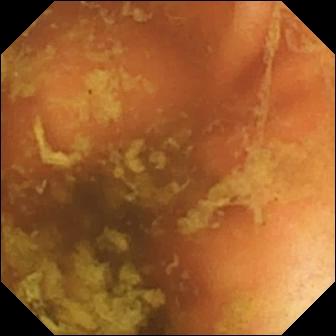{"modality": "small-bowel capsule endoscopy", "video_segment": "ileo-cecal valve region"}